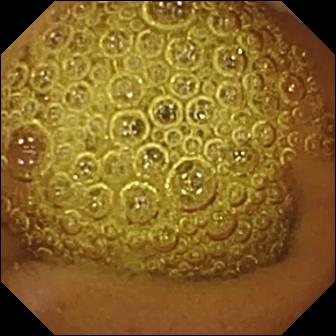{"modality": "capsule endoscopy", "finding": "normal clean mucosa"}